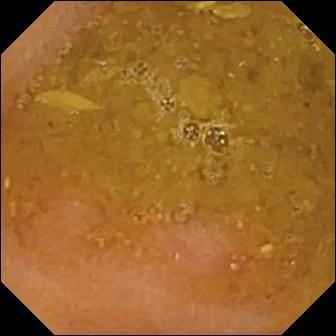Wireless capsule endoscopy image, 336×336. Reduced mucosal view (content or bubbles obscuring the mucosa).